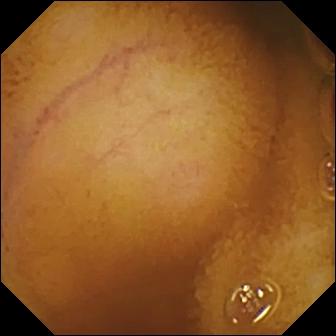Normal clean mucosa — capsule endoscopy still of the small bowel.